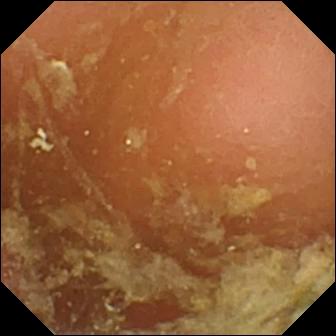This small-bowel capsule endoscopy still was taken in the pylorus region.